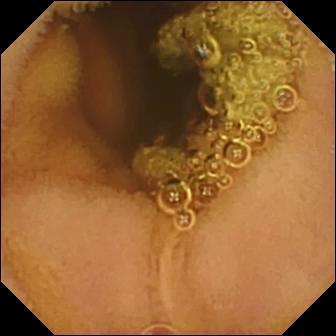Wireless capsule endoscopy — normal clean mucosa.